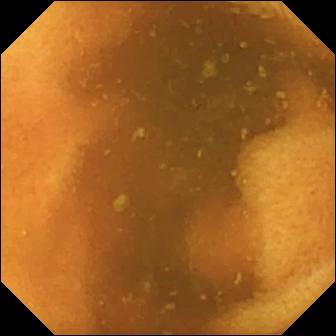Normal clean mucosa — wireless capsule endoscopy frame of the small bowel.